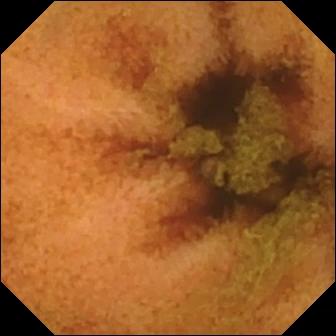WCE view, small bowel
Impression: normal clean mucosa